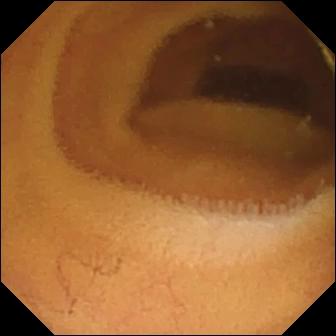Q: What does this video capsule endoscopy still of the small intestine show?
A: Normal clean mucosa.